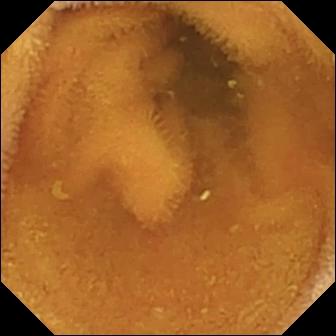Video capsule endoscopy frame
Finding: normal clean mucosa